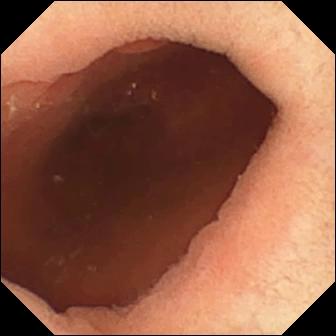Video capsule endoscopy. Video segment: pylorus region (where the capsule passes from the stomach into the small bowel).